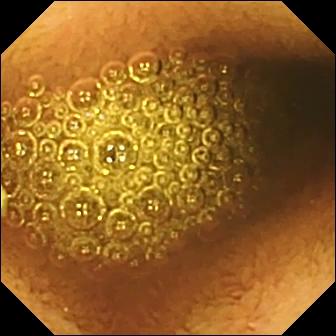Wireless capsule endoscopy view. Reduced mucosal view (content or bubbles obscuring the mucosa).